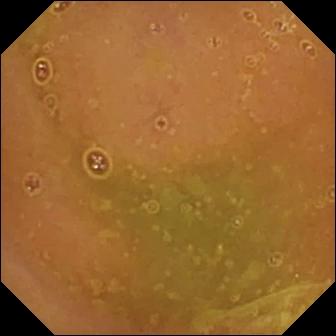This wireless capsule endoscopy frame of the small intestine shows normal clean mucosa.